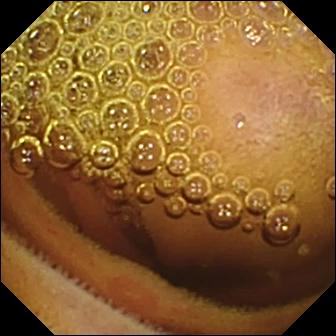PROCEDURE: Small-bowel capsule endoscopy.
FINDINGS: Erosion.